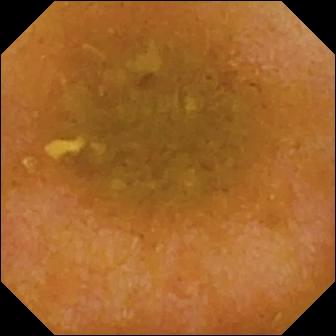PROCEDURE: Wireless capsule endoscopy.
SEGMENT: Small bowel.
FINDINGS: Reduced mucosal view (content or bubbles obscuring the mucosa).